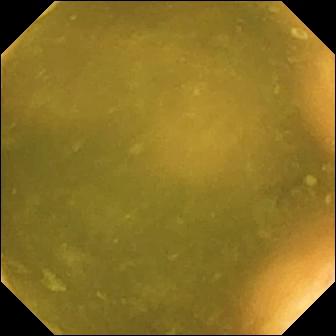Ileo-cecal valve region (the transition from the small bowel to the large bowel) — small-bowel capsule endoscopy still.